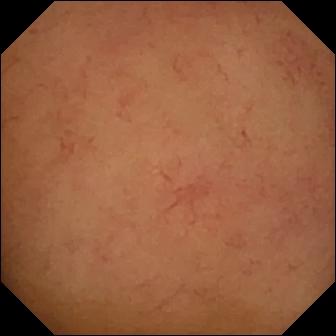VCE still
Impression: normal clean mucosa